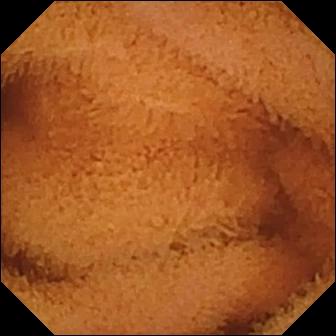Video capsule endoscopy still showing normal clean mucosa.